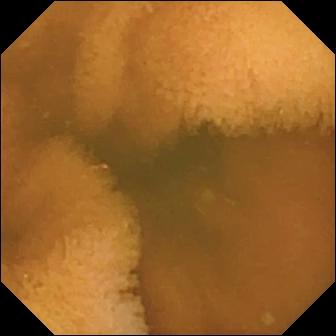WCE — normal clean mucosa.